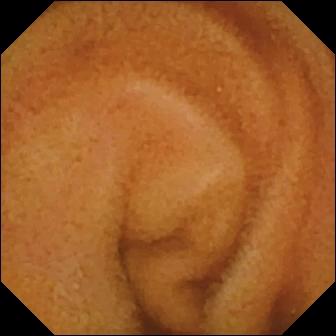Capsule endoscopy. Small intestine. Impression: normal clean mucosa.